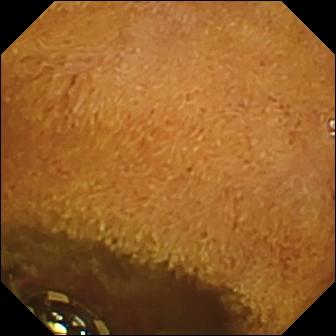Foreign body (e.g. retained capsule, tablet residue) — WCE view.